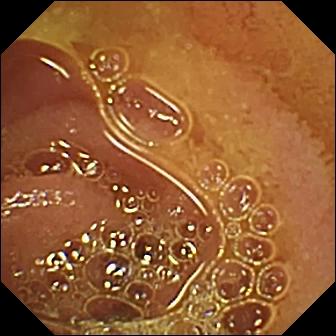PROCEDURE: Capsule endoscopy.
FINDINGS: Normal clean mucosa.